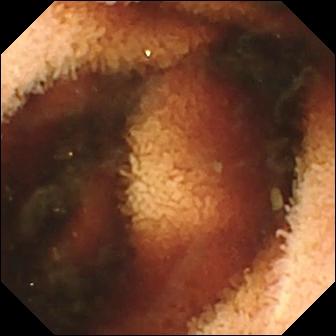Video capsule endoscopy — fresh blood in the lumen.